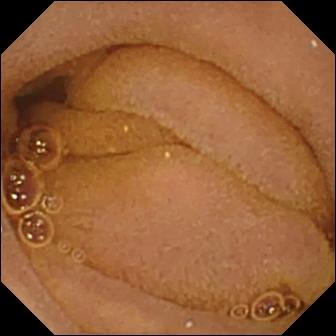Wireless capsule endoscopy frame showing normal clean mucosa.